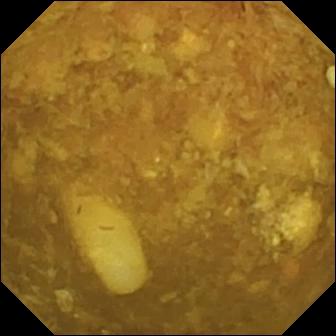Small-bowel capsule endoscopy view, small intestine
Observation: reduced mucosal view (content or bubbles obscuring the mucosa)